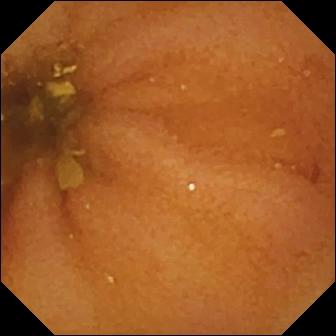- modality: VCE
- segment: small intestine
- impression: normal clean mucosa